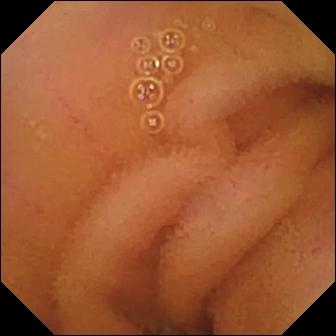- modality: capsule endoscopy
- segment: small bowel
- label: normal clean mucosa